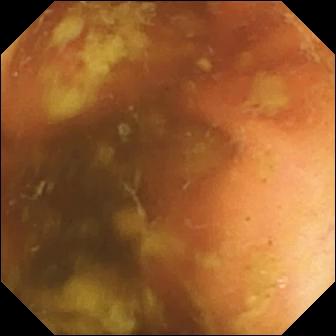This video capsule endoscopy snapshot was taken in the ileo-cecal valve region (where the capsule passes from the small bowel into the large bowel).